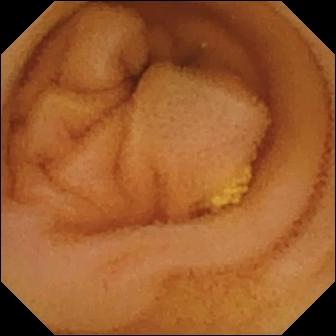VCE snapshot showing lymphangiectasia.